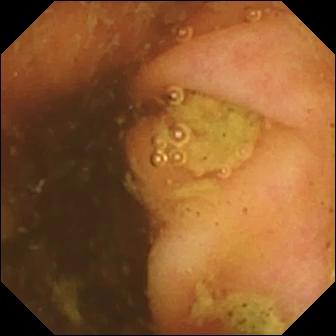Wireless capsule endoscopy — ileo-cecal valve region (the transition from the small bowel to the large bowel).